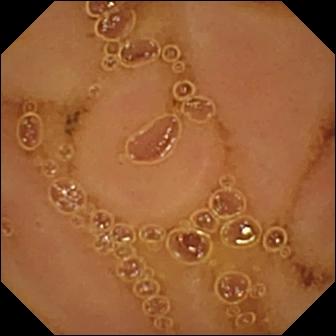{"modality": "wireless capsule endoscopy", "finding": "normal clean mucosa"}